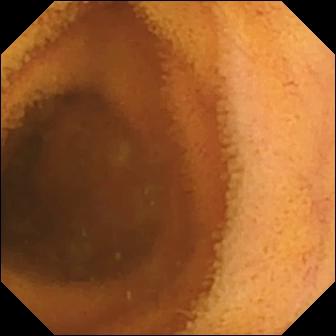Wireless capsule endoscopy still. Normal clean mucosa.